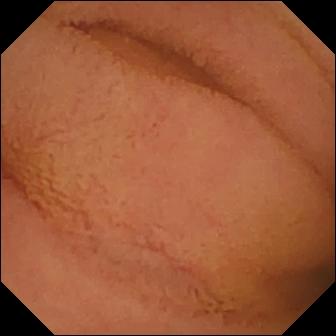Capsule endoscopy — normal clean mucosa.